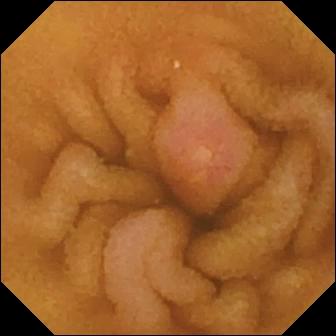Erosion — VCE image.